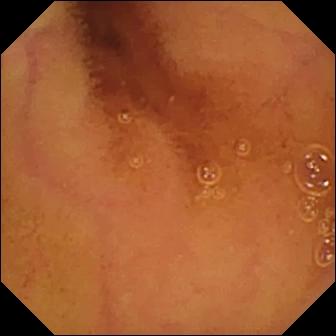Wireless capsule endoscopy. Small bowel. Luminal finding. Label: normal clean mucosa.